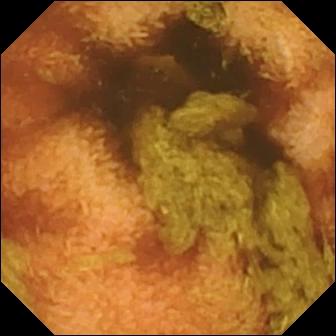Capsule endoscopy snapshot of the small intestine showing normal clean mucosa.